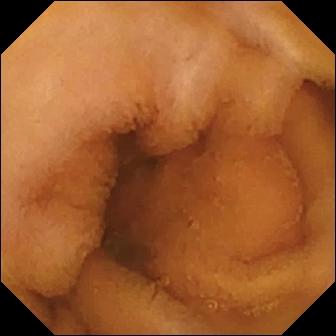This wireless capsule endoscopy frame shows normal clean mucosa.